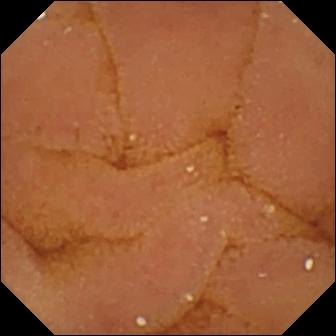Wireless capsule endoscopy snapshot. Normal clean mucosa.